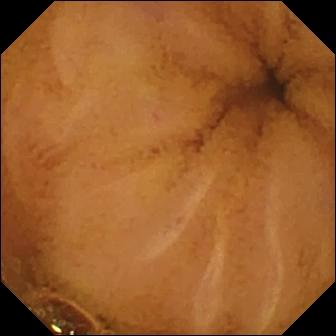This small-bowel capsule endoscopy image shows normal clean mucosa.